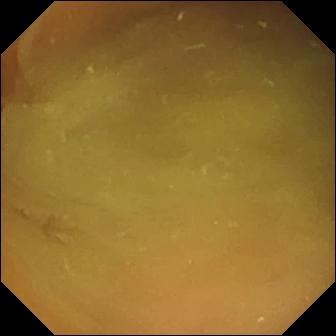- modality: wireless capsule endoscopy
- impression: normal clean mucosa